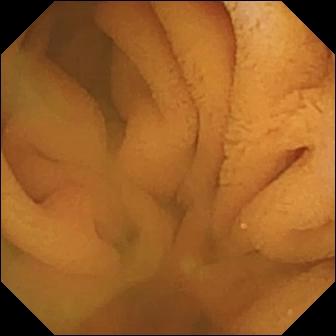Normal clean mucosa (336×336).